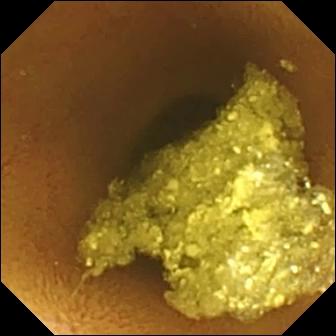{"modality": "small-bowel capsule endoscopy", "segment": "small bowel", "finding": "normal clean mucosa"}